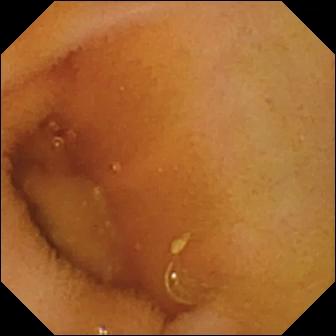Normal clean mucosa (336×336).